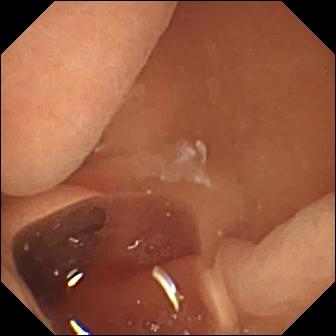{"modality": "WCE", "finding": "normal clean mucosa"}